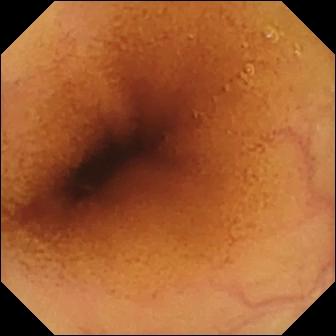WCE frame
Observation: normal clean mucosa